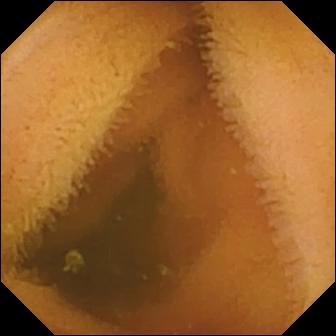- modality: video capsule endoscopy
- segment: small intestine
- label: normal clean mucosa